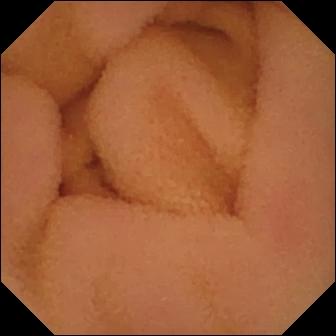Video capsule endoscopy — normal clean mucosa.